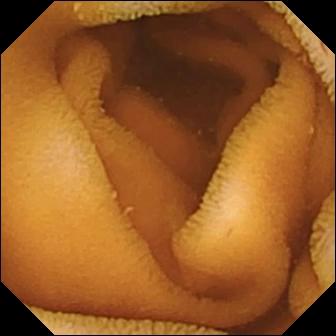modality: wireless capsule endoscopy; segment: small bowel; label: normal clean mucosa